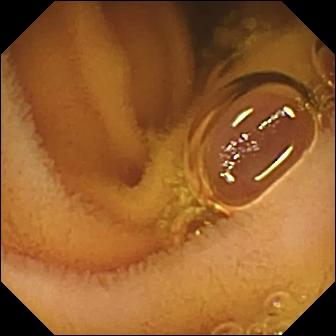WCE view of the small intestine showing normal clean mucosa.